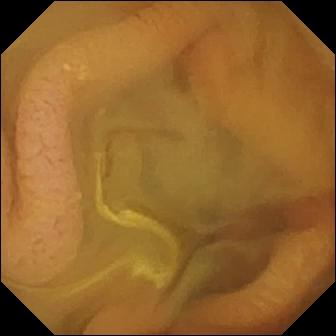VCE snapshot showing normal clean mucosa.